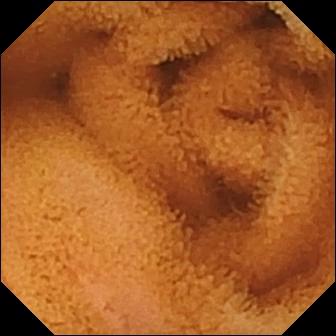Video capsule endoscopy. Small bowel. Label: normal clean mucosa.